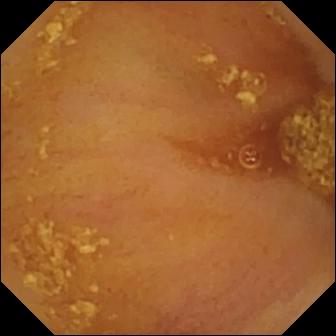modality: wireless capsule endoscopy | label: ileo-cecal valve region (the transition from the small bowel to the large bowel)